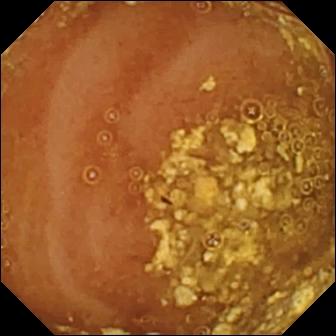- modality: video capsule endoscopy
- segment: small bowel
- observation: reduced mucosal view (content or bubbles obscuring the mucosa)